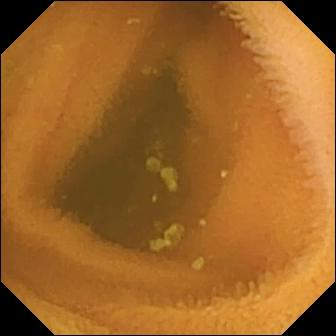Capsule endoscopy — normal clean mucosa.